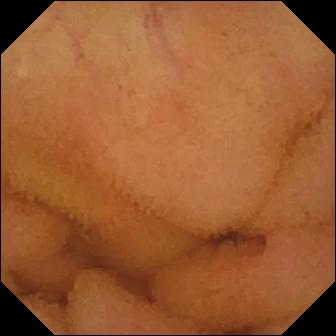Capsule endoscopy — normal clean mucosa.